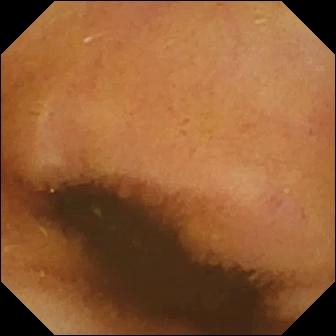PROCEDURE: VCE.
FINDINGS: Normal clean mucosa.